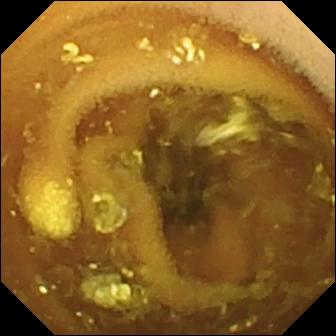Small-bowel capsule endoscopy. Observation: lymphangiectasia.